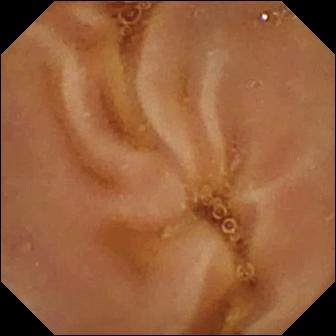Video capsule endoscopy frame
Label: normal clean mucosa